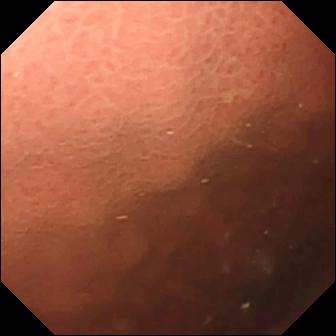Small-bowel capsule endoscopy — pylorus region.